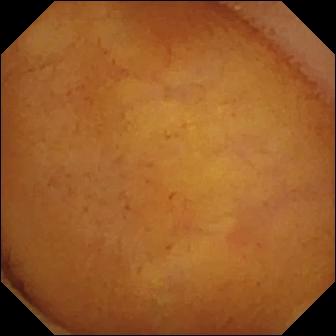Wireless capsule endoscopy snapshot. Normal clean mucosa.